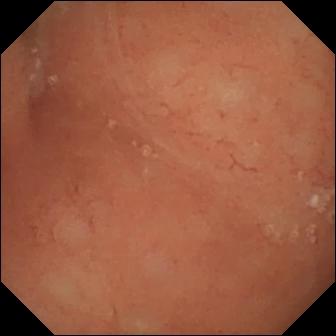Small-bowel capsule endoscopy — normal clean mucosa.